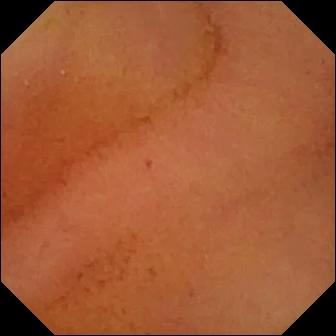VCE snapshot (small intestine). Normal clean mucosa.